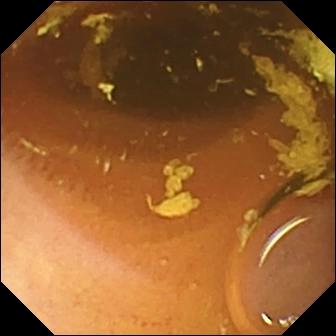Video capsule endoscopy. Luminal finding. Observation: normal clean mucosa.